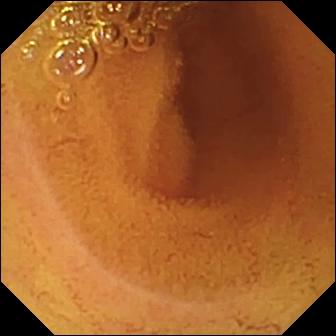Capsule endoscopy — normal clean mucosa.